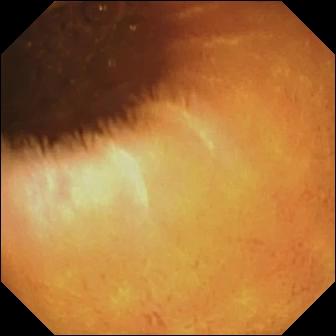modality: WCE | segment: small intestine | observation: normal clean mucosa